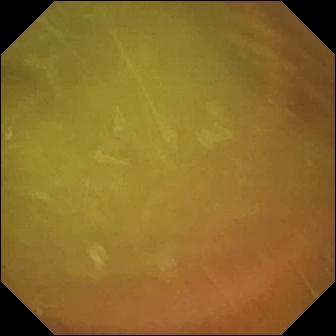VCE still of the small bowel showing normal clean mucosa.